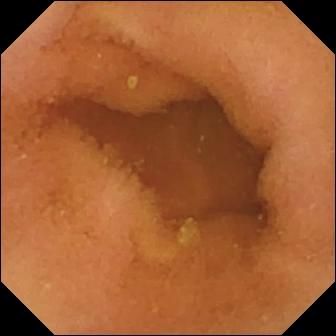PROCEDURE: Capsule endoscopy.
FINDINGS: Normal clean mucosa.